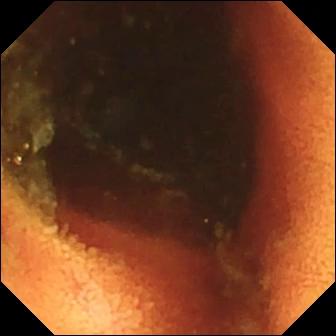Video capsule endoscopy — ileo-cecal valve region.